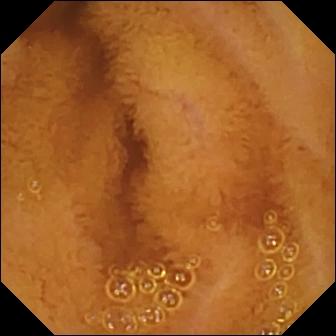VCE image of the small bowel showing normal clean mucosa.